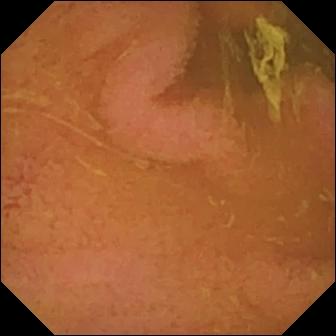Normal clean mucosa.